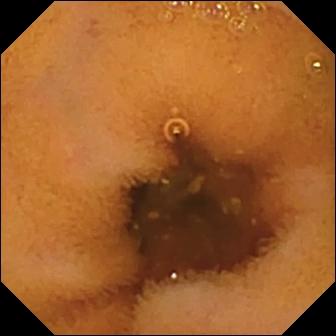Normal clean mucosa — wireless capsule endoscopy still.